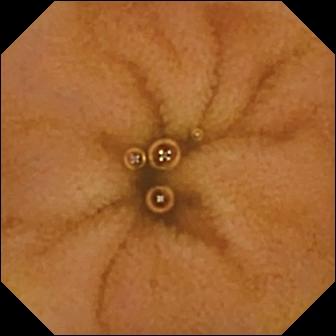Video capsule endoscopy view (small intestine). Normal clean mucosa.